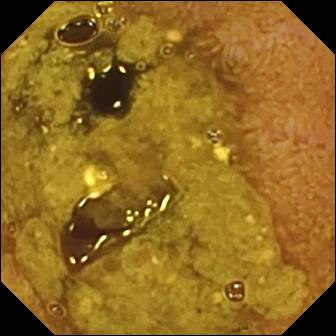Ileo-cecal valve region (the transition from the small bowel to the large bowel) — video capsule endoscopy view.